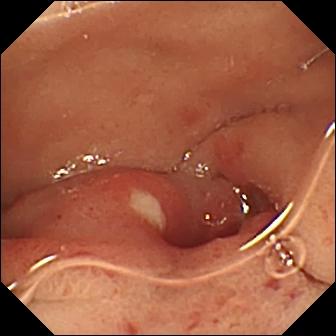- modality: wireless capsule endoscopy
- impression: ulcer